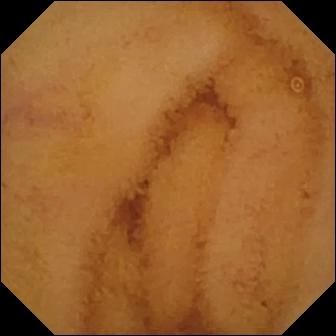modality: video capsule endoscopy
finding: normal clean mucosa